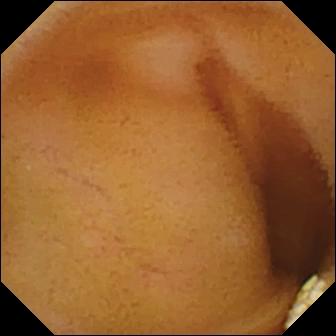Small-bowel capsule endoscopy frame. Lymphangiectasia.